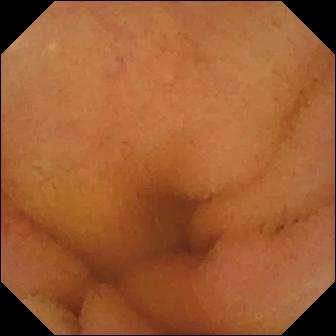Capsule endoscopy still (small bowel). Normal clean mucosa.